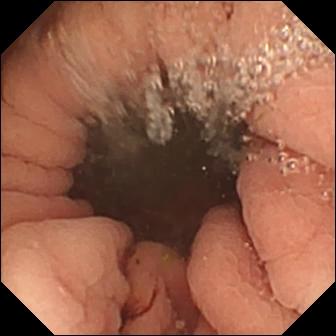- modality: capsule endoscopy
- finding: fresh blood in the lumen